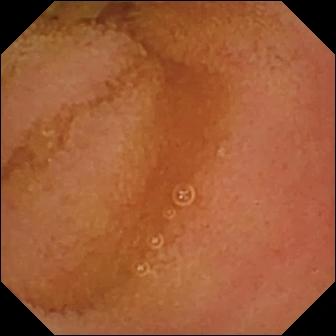- modality: video capsule endoscopy
- observation: normal clean mucosa